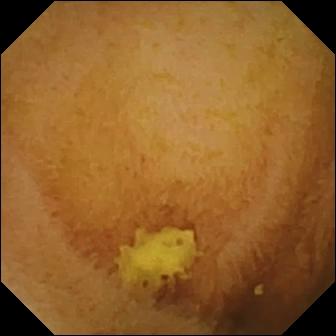Q: What does this VCE still of the small bowel show?
A: Normal clean mucosa.